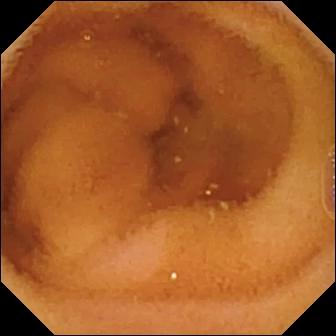VCE snapshot (small intestine). Normal clean mucosa.